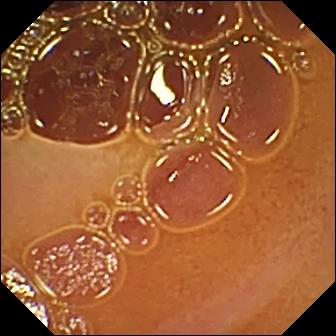{"modality": "VCE", "finding": "normal clean mucosa"}